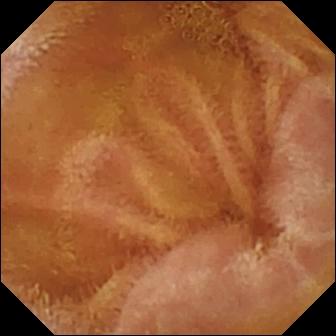Normal clean mucosa.